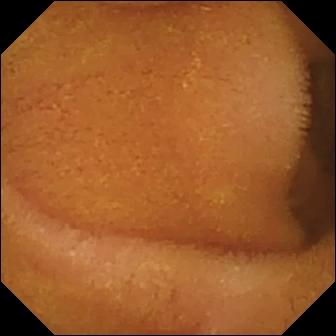{"modality": "capsule endoscopy", "segment": "small intestine", "finding": "normal clean mucosa"}